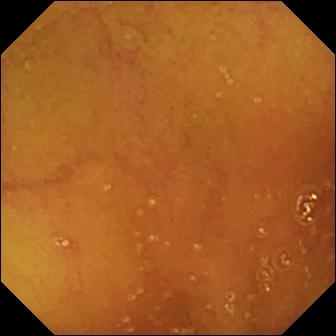PROCEDURE: Video capsule endoscopy.
SEGMENT: Small intestine.
FINDINGS: Normal clean mucosa.